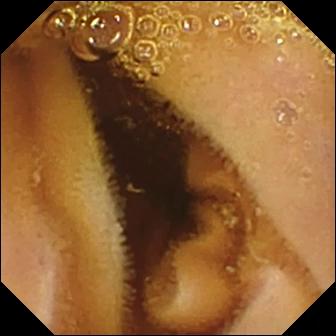Small-bowel capsule endoscopy. Impression: normal clean mucosa.